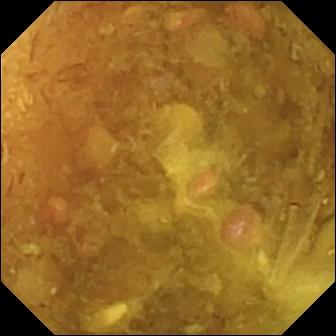WCE. Small bowel. Luminal finding. Impression: reduced mucosal view (content or bubbles obscuring the mucosa).